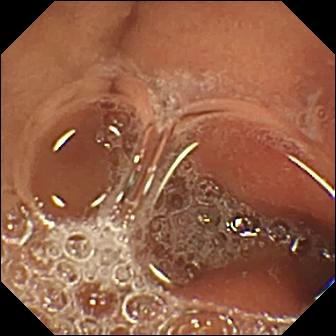This video capsule endoscopy snapshot shows erosion.